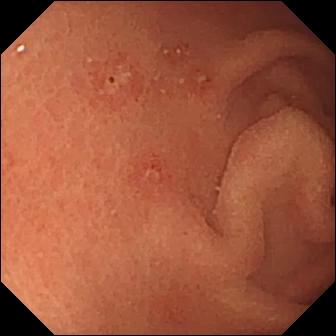Capsule endoscopy image
Label: erosion